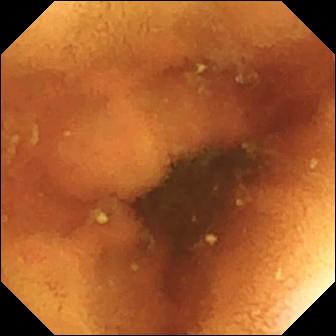- modality: VCE
- segment: small intestine
- category: luminal finding
- observation: normal clean mucosa